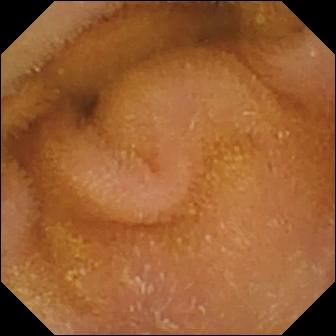- modality: small-bowel capsule endoscopy
- observation: normal clean mucosa